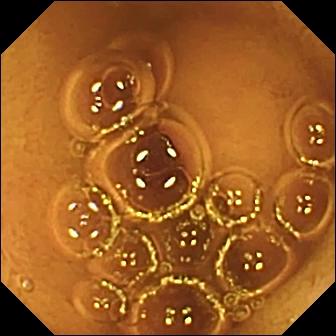{"modality": "VCE", "finding": "normal clean mucosa"}